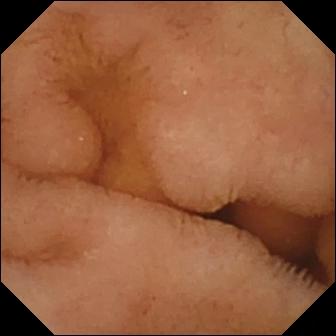- modality: WCE
- segment: small bowel
- category: luminal finding
- observation: normal clean mucosa